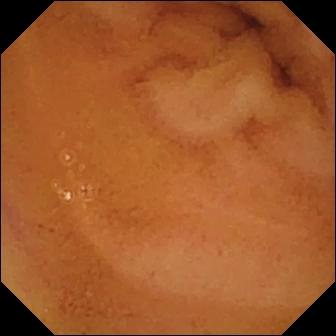modality: capsule endoscopy; observation: normal clean mucosa